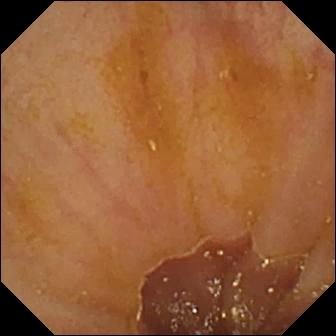VCE frame. Taken in the ileo-cecal valve region (the transition from the small bowel to the large bowel).